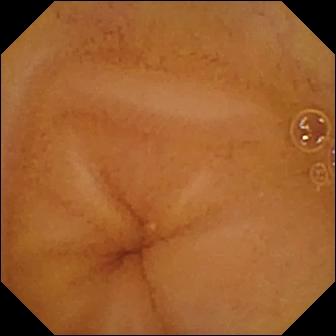Normal clean mucosa.